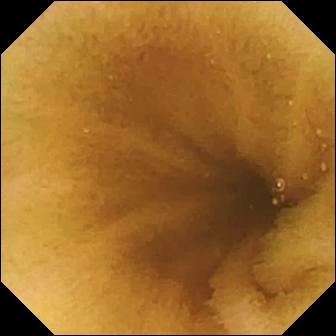Normal clean mucosa.